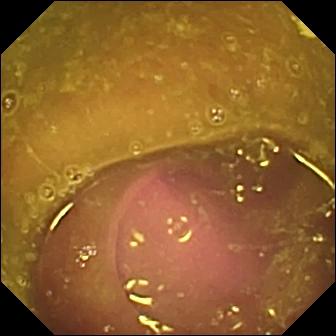Wireless capsule endoscopy. Small bowel. Luminal finding. Observation: reduced mucosal view (content or bubbles obscuring the mucosa).